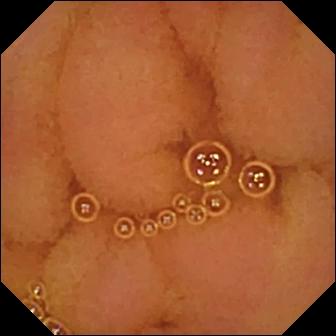Normal clean mucosa — wireless capsule endoscopy frame.